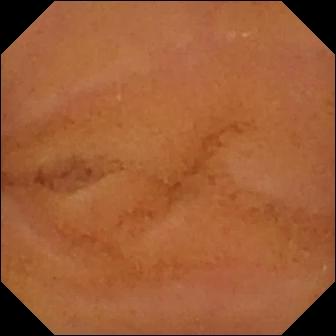Normal clean mucosa — WCE image of the small intestine.